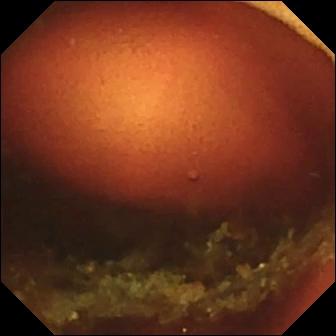modality: wireless capsule endoscopy
category: anatomical landmark
label: ileo-cecal valve region (where the capsule passes from the small bowel into the large bowel)